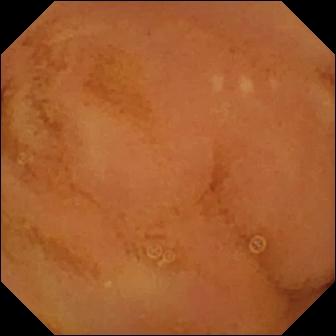Normal clean mucosa — wireless capsule endoscopy snapshot of the small intestine.